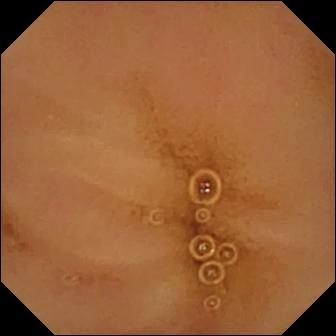Normal clean mucosa — wireless capsule endoscopy view.